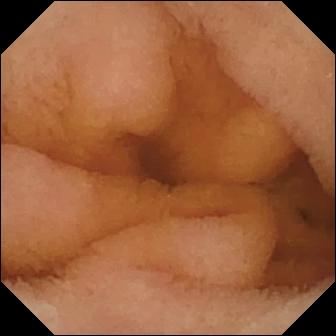Normal clean mucosa — VCE still of the small intestine.